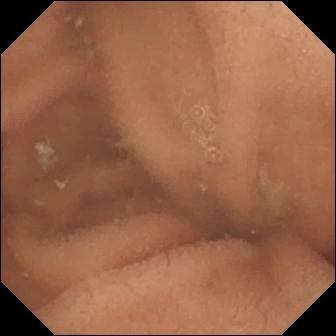Small-bowel capsule endoscopy frame (small intestine). Normal clean mucosa.